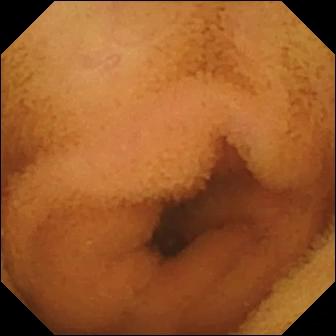modality: wireless capsule endoscopy | segment: small intestine | impression: normal clean mucosa